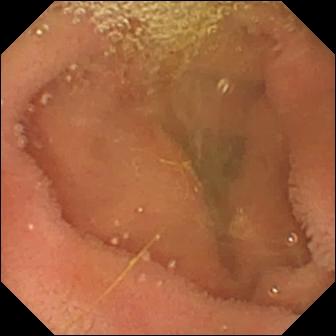Capsule endoscopy image showing lymphangiectasia.